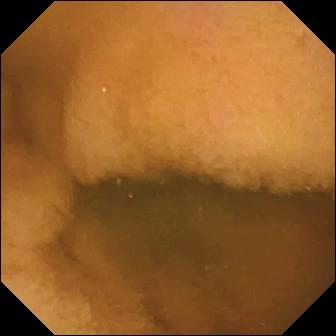Wireless capsule endoscopy snapshot of the small bowel showing normal clean mucosa.